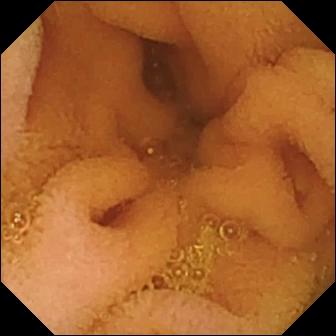Small-bowel capsule endoscopy image
Impression: normal clean mucosa